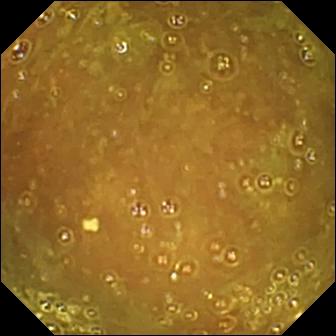Ileo-cecal valve region (the transition from the small bowel to the large bowel).